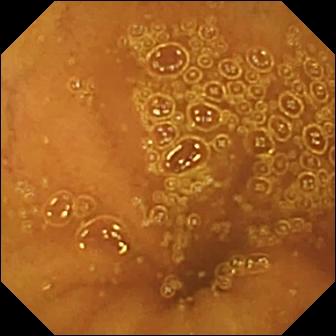Video capsule endoscopy image of the small bowel showing normal clean mucosa.